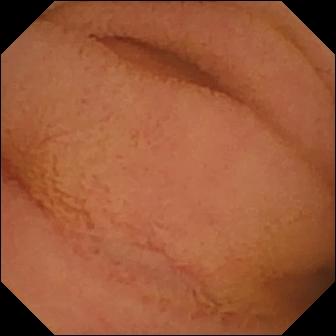This VCE snapshot of the small intestine shows normal clean mucosa.